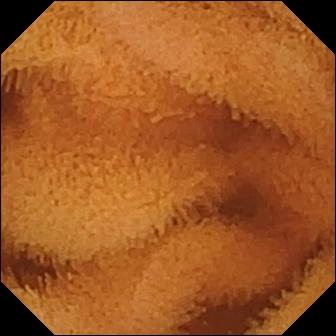Video capsule endoscopy snapshot of the small intestine showing normal clean mucosa.